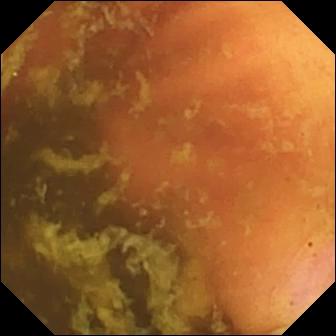{"modality": "VCE", "position": "ileo-cecal valve region (the transition from the small bowel to the large bowel)"}